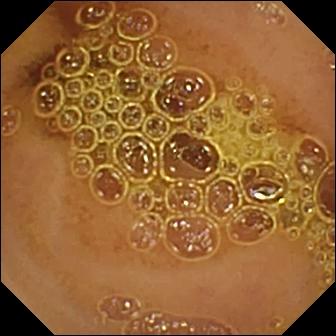Q: What does this capsule endoscopy image of the small intestine show?
A: Normal clean mucosa.